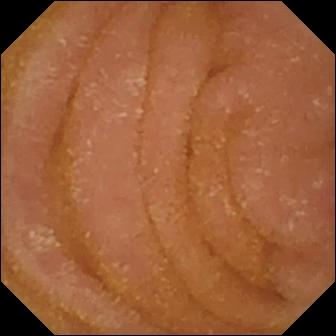Small-bowel capsule endoscopy. Small intestine. Impression: normal clean mucosa.